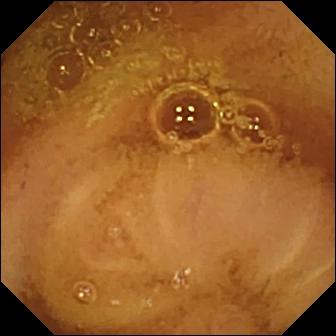Capsule endoscopy. Small bowel. Luminal finding. Finding: normal clean mucosa.